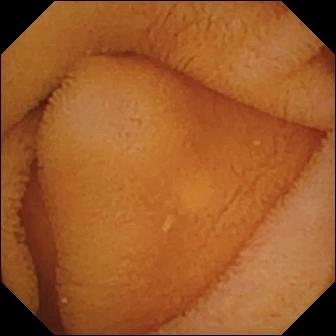- modality: WCE
- label: normal clean mucosa